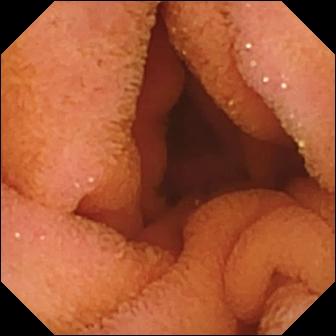Wireless capsule endoscopy frame. Normal clean mucosa.